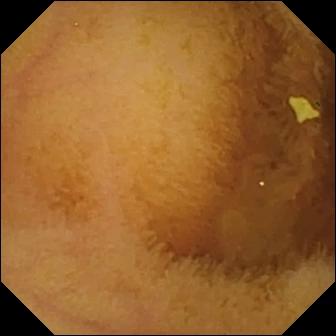PROCEDURE: VCE.
FINDINGS: Normal clean mucosa.